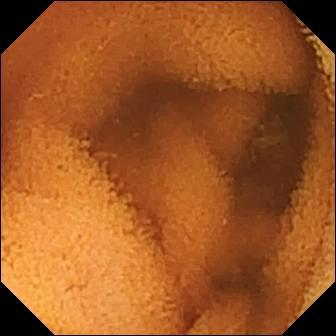Normal clean mucosa.